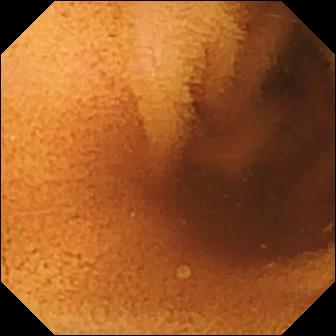Normal clean mucosa — VCE still.